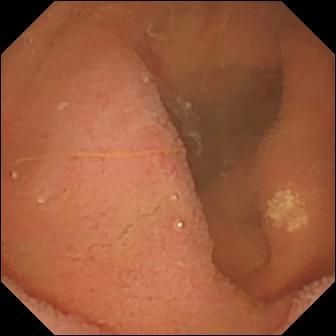Wireless capsule endoscopy image showing lymphangiectasia.